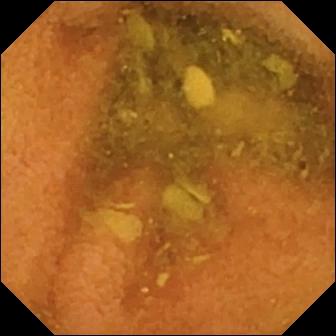VCE still of the small intestine showing normal clean mucosa.